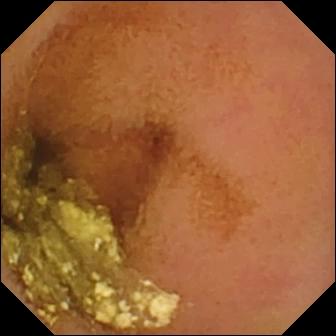Video capsule endoscopy — normal clean mucosa.